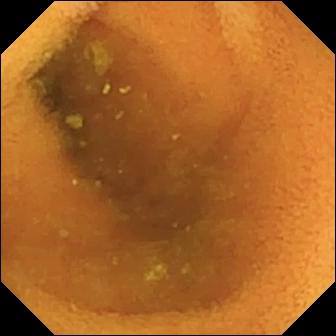VCE. Observation: normal clean mucosa.